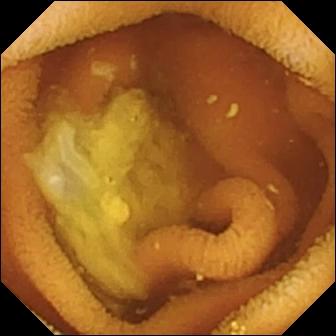WCE still showing normal clean mucosa.